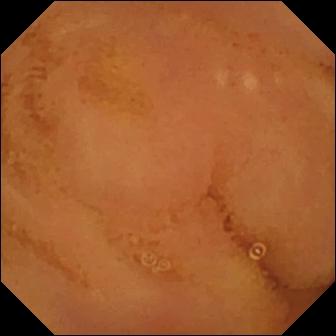modality: capsule endoscopy | category: luminal finding | impression: normal clean mucosa